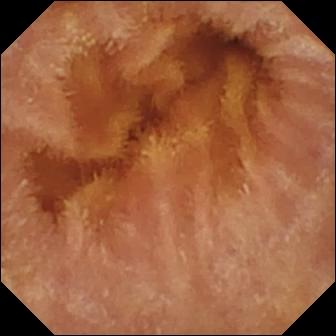Wireless capsule endoscopy still showing normal clean mucosa.